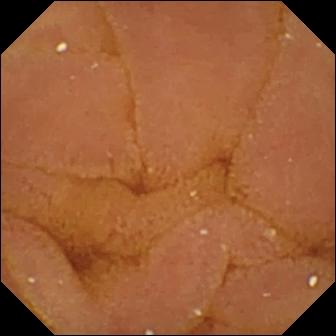Q: What does this wireless capsule endoscopy view show?
A: Normal clean mucosa.